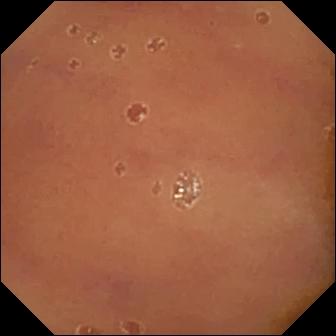Capsule endoscopy frame showing normal clean mucosa.